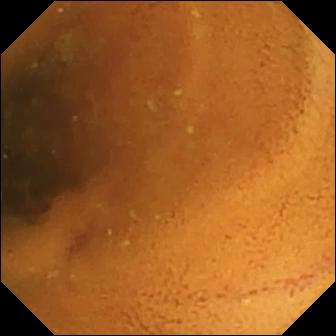{"modality": "capsule endoscopy", "category": "luminal finding", "finding": "normal clean mucosa"}